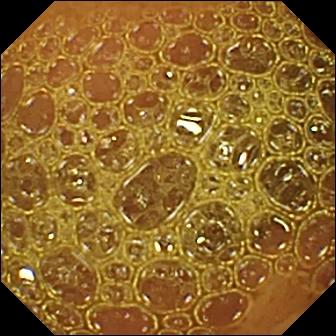- modality: capsule endoscopy
- impression: reduced mucosal view (content or bubbles obscuring the mucosa)